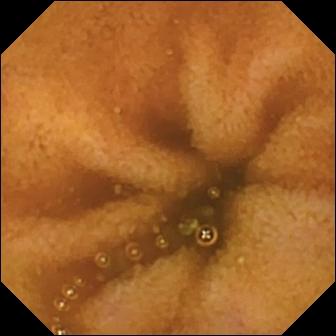Normal clean mucosa.